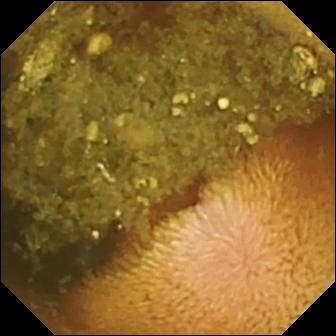{"modality": "small-bowel capsule endoscopy", "finding": "reduced mucosal view (content or bubbles obscuring the mucosa)"}